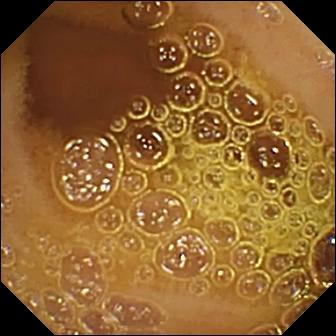Capsule endoscopy frame, 336×336. Normal clean mucosa.